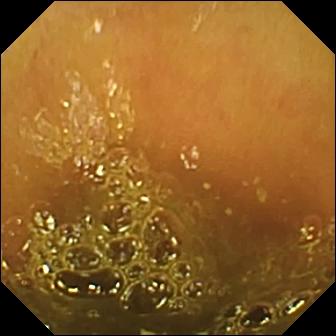Ileo-cecal valve region (where the capsule passes from the small bowel into the large bowel).